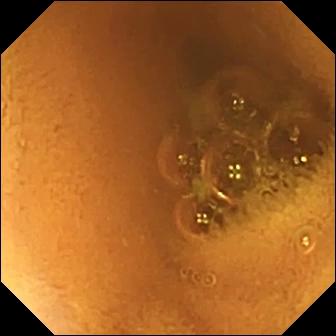This capsule endoscopy view of the small intestine shows normal clean mucosa.